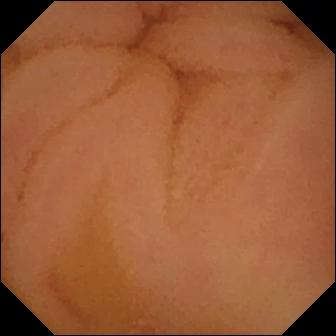This small-bowel capsule endoscopy image shows normal clean mucosa.